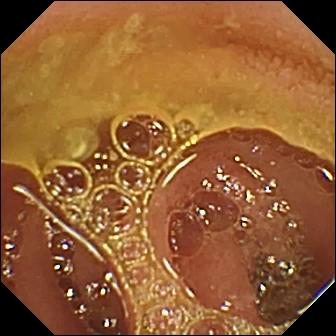Small-bowel capsule endoscopy snapshot showing normal clean mucosa.